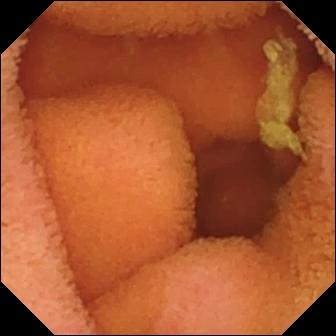Small-bowel capsule endoscopy — normal clean mucosa.